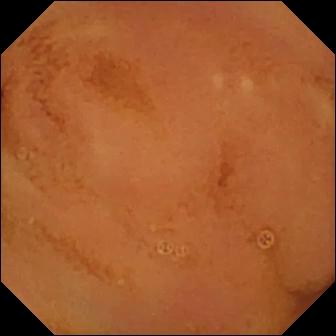Normal clean mucosa.